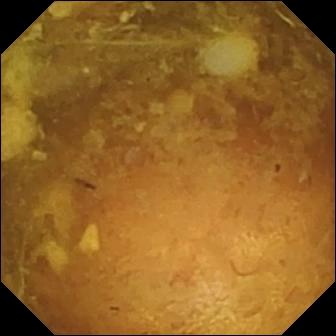VCE snapshot, small bowel
Impression: reduced mucosal view (content or bubbles obscuring the mucosa)